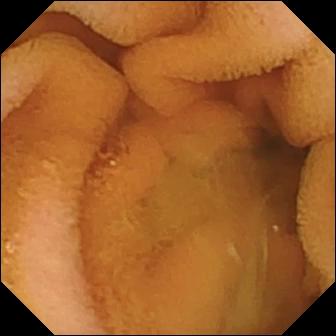WCE — normal clean mucosa.